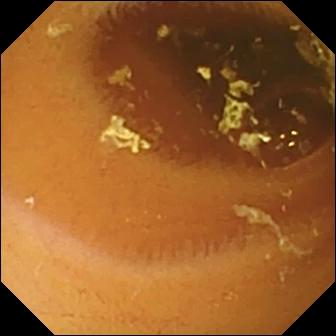Small-bowel capsule endoscopy frame (small intestine). Normal clean mucosa.